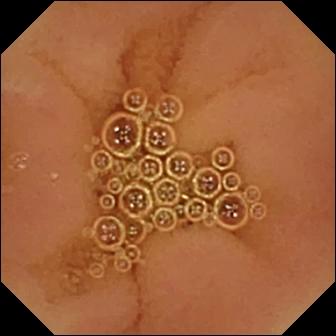This WCE still shows normal clean mucosa.